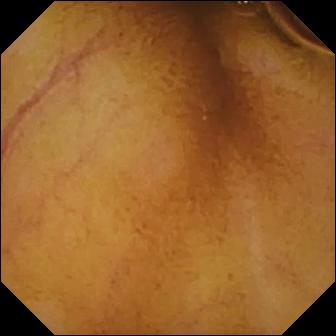Normal clean mucosa — capsule endoscopy frame.